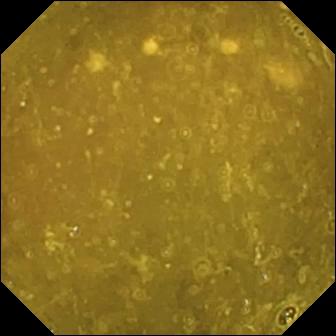Small-bowel capsule endoscopy view. Taken in the ileo-cecal valve region (where the capsule passes from the small bowel into the large bowel).